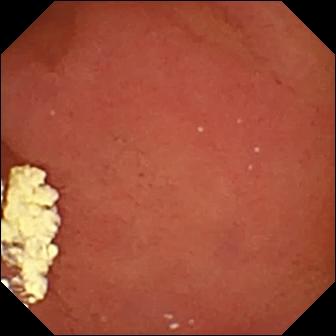Pylorus region — WCE frame.